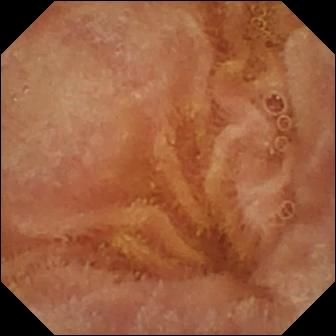Wireless capsule endoscopy view (small intestine). Normal clean mucosa.